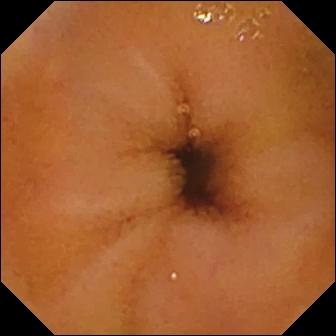Normal clean mucosa — capsule endoscopy frame.